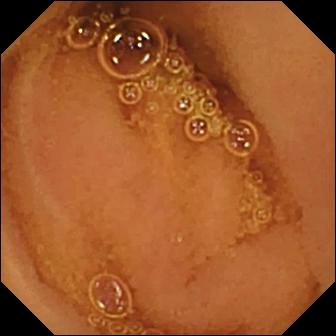Video capsule endoscopy view, small intestine
Label: normal clean mucosa